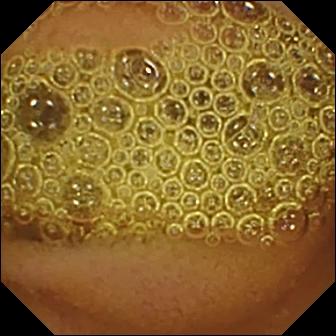This capsule endoscopy snapshot of the small intestine shows normal clean mucosa.